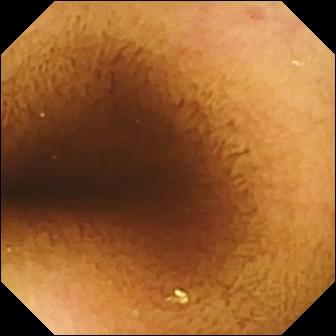- modality: WCE
- impression: normal clean mucosa